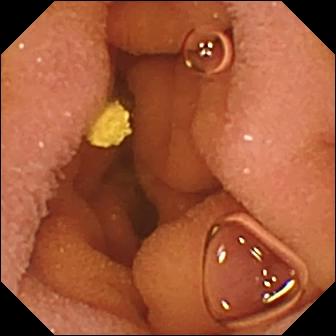Normal clean mucosa — wireless capsule endoscopy frame.